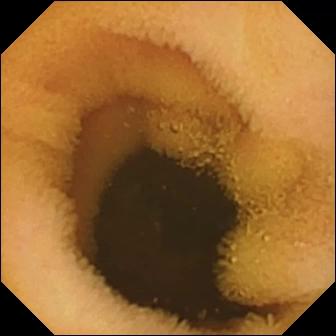- modality: WCE
- impression: normal clean mucosa